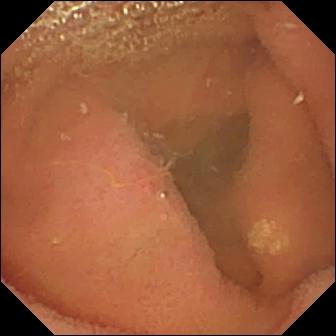Q: What does this wireless capsule endoscopy frame show?
A: Lymphangiectasia.